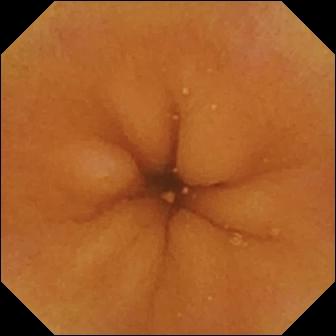WCE frame. Normal clean mucosa.